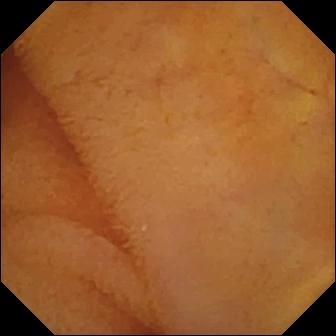PROCEDURE: Capsule endoscopy.
FINDINGS: Normal clean mucosa.